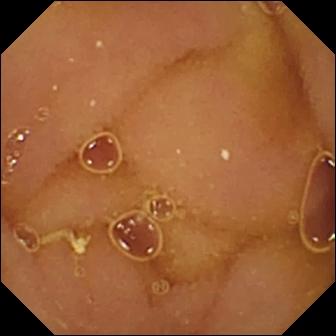modality: video capsule endoscopy
observation: normal clean mucosa